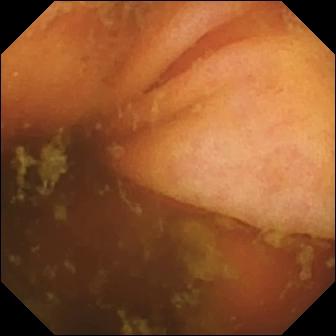This VCE still was taken in the ileo-cecal valve region (the transition from the small bowel to the large bowel).